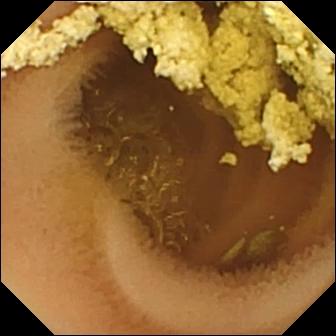Wireless capsule endoscopy frame (small intestine). Normal clean mucosa.